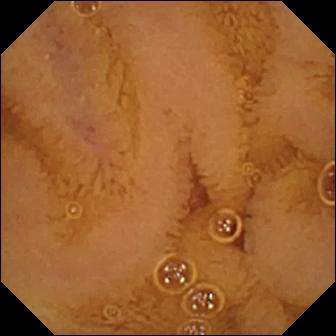PROCEDURE: Capsule endoscopy.
SEGMENT: Small intestine.
FINDINGS: Normal clean mucosa.